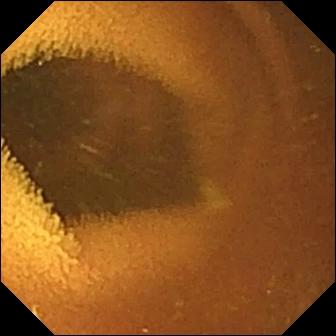Normal clean mucosa.